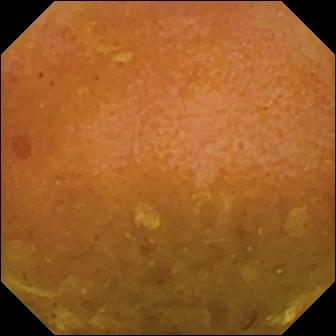Reduced mucosal view (content or bubbles obscuring the mucosa).